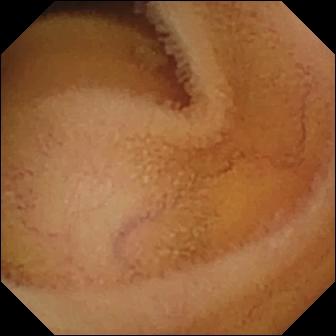Normal clean mucosa — video capsule endoscopy still of the small intestine.